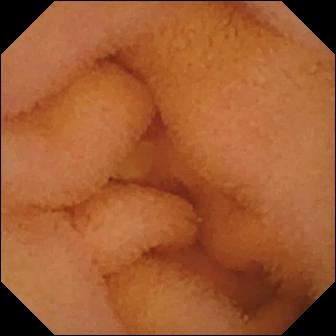Small-bowel capsule endoscopy — normal clean mucosa.